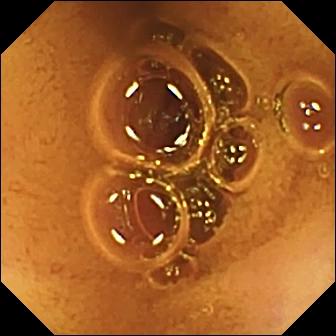Normal clean mucosa — wireless capsule endoscopy snapshot.